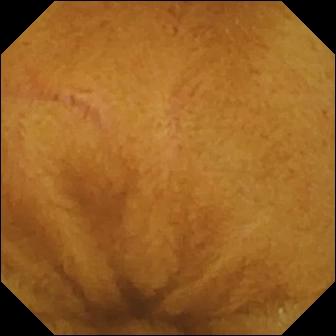Wireless capsule endoscopy snapshot (small bowel). Normal clean mucosa.